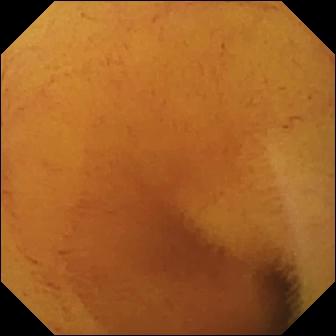Q: What does this WCE frame show?
A: Normal clean mucosa.